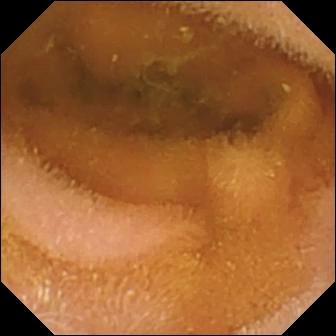PROCEDURE: Video capsule endoscopy.
SEGMENT: Small bowel.
FINDINGS: Normal clean mucosa.